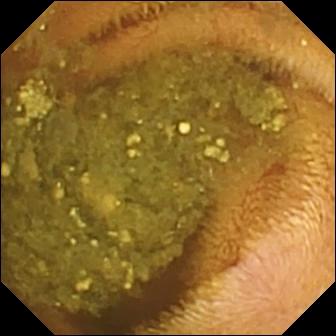Video capsule endoscopy — reduced mucosal view (content or bubbles obscuring the mucosa).